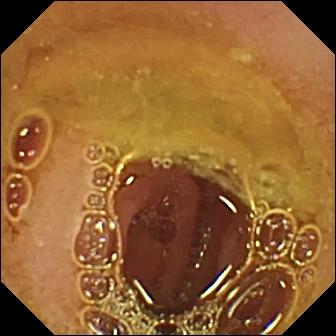- modality: WCE
- finding: normal clean mucosa